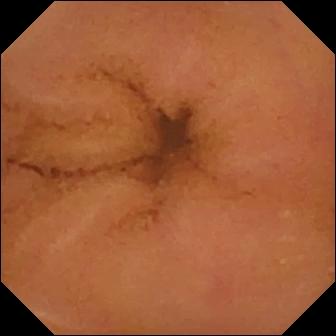This capsule endoscopy snapshot shows normal clean mucosa.